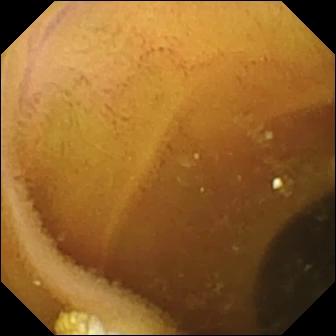Wireless capsule endoscopy still showing lymphangiectasia.